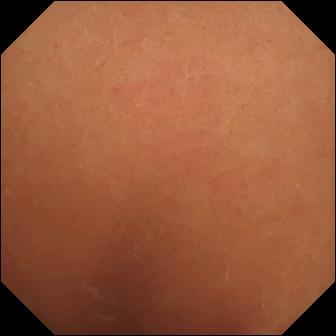VCE frame
Impression: normal clean mucosa